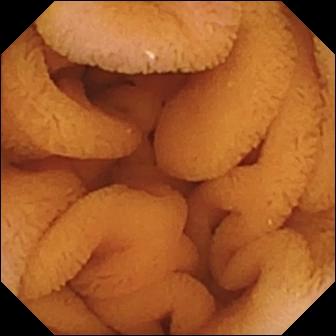- modality: WCE
- label: normal clean mucosa